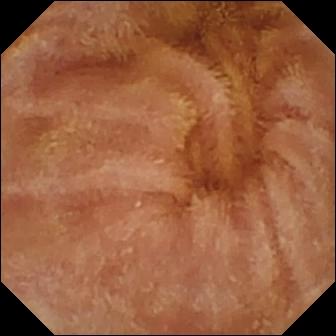Normal clean mucosa.